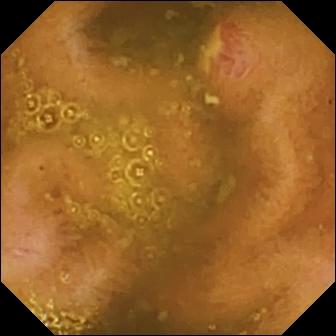Ulcer.